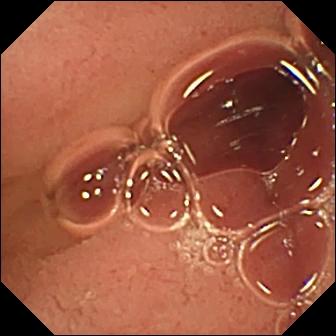Small-bowel capsule endoscopy — pylorus region (the junction between the stomach and the small bowel).